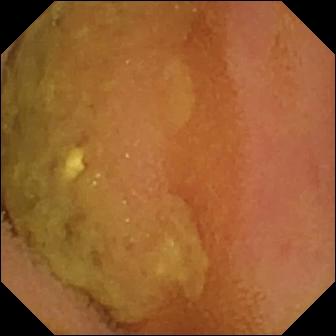Capsule endoscopy image showing normal clean mucosa.